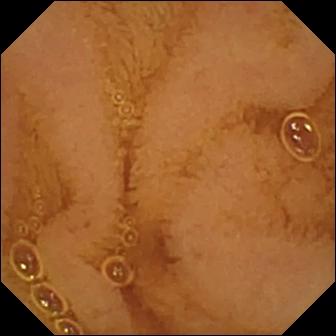Capsule endoscopy image (small bowel). Normal clean mucosa.